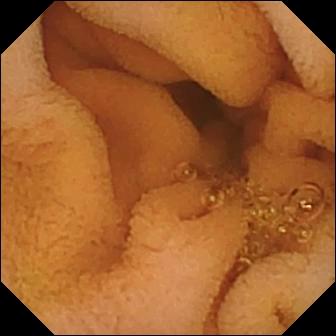Normal clean mucosa — small-bowel capsule endoscopy still of the small bowel.